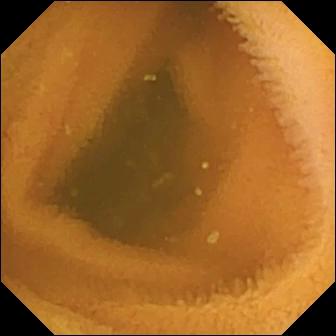WCE still. Normal clean mucosa.